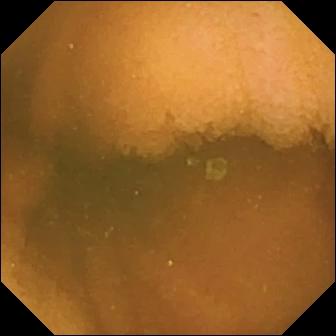modality: WCE; segment: small intestine; finding: normal clean mucosa